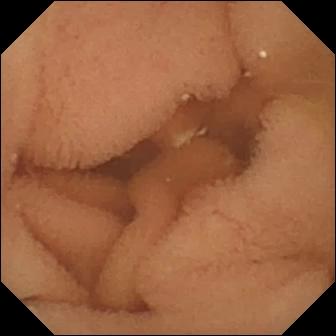{"modality": "VCE", "segment": "small intestine", "finding": "normal clean mucosa"}